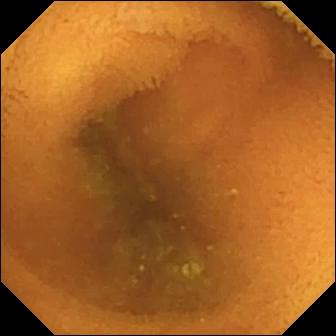WCE view of the small intestine showing normal clean mucosa.